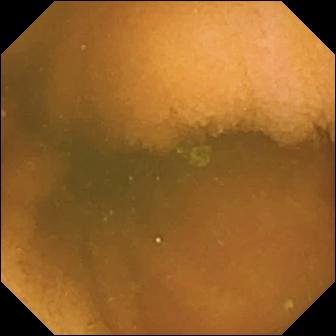Normal clean mucosa — small-bowel capsule endoscopy image.